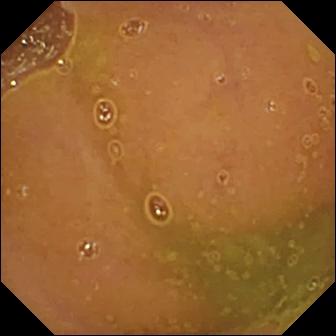- modality: wireless capsule endoscopy
- segment: small bowel
- impression: normal clean mucosa